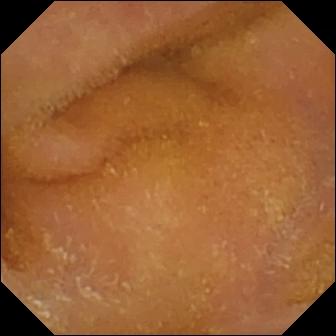VCE frame, 336×336. Normal clean mucosa.